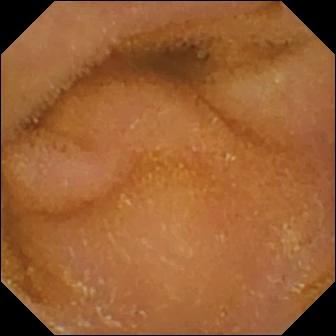Q: What does this VCE image show?
A: Normal clean mucosa.